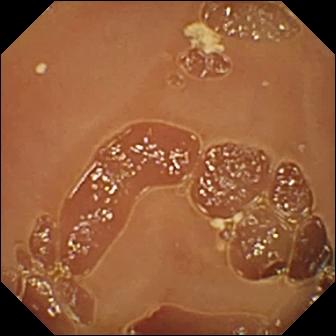VCE image. Normal clean mucosa.